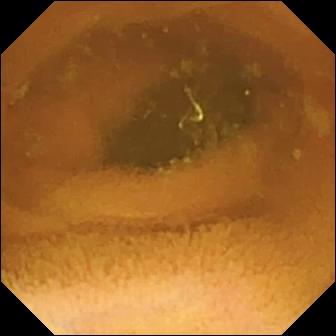WCE image of the small bowel showing normal clean mucosa.